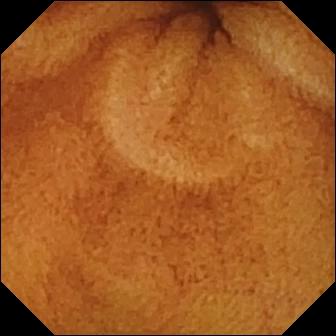Small-bowel capsule endoscopy view. Normal clean mucosa.